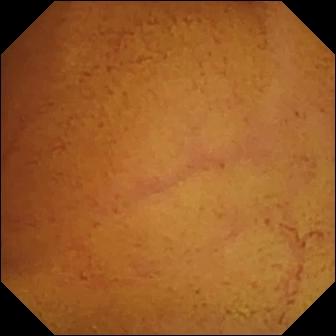This wireless capsule endoscopy view of the small intestine shows normal clean mucosa.